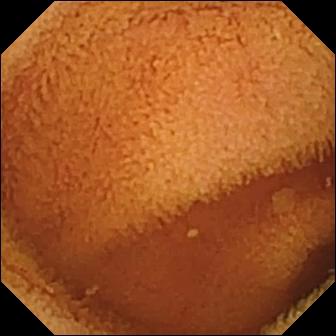WCE snapshot of the small intestine showing normal clean mucosa.